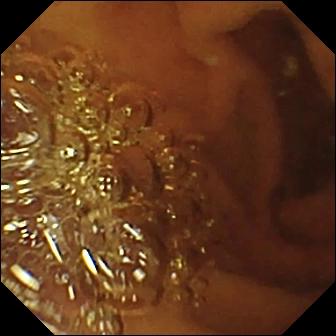WCE — pylorus region (the junction between the stomach and the small bowel).